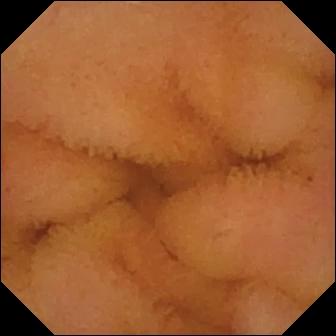{"modality": "VCE", "segment": "small bowel", "category": "luminal finding", "finding": "normal clean mucosa"}